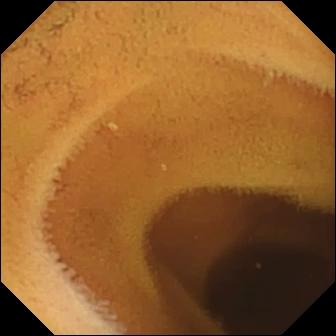Q: What does this video capsule endoscopy image of the small intestine show?
A: Normal clean mucosa.